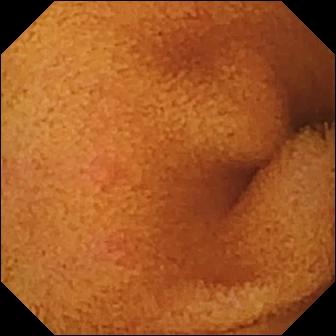modality: small-bowel capsule endoscopy
segment: small intestine
finding: normal clean mucosa